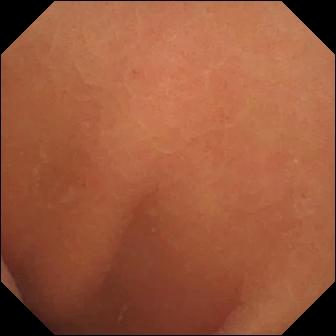This video capsule endoscopy snapshot shows normal clean mucosa.